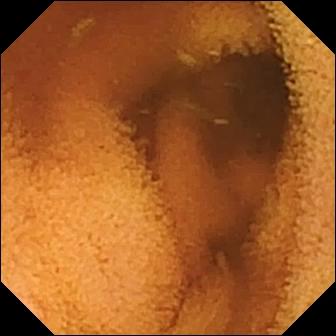Q: What does this capsule endoscopy snapshot show?
A: Normal clean mucosa.